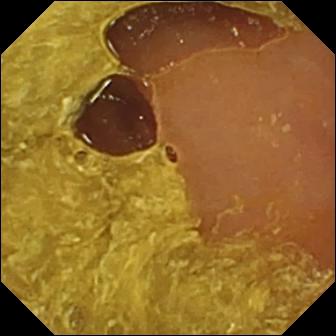Q: What does this small-bowel capsule endoscopy image of the small bowel show?
A: Reduced mucosal view (content or bubbles obscuring the mucosa).